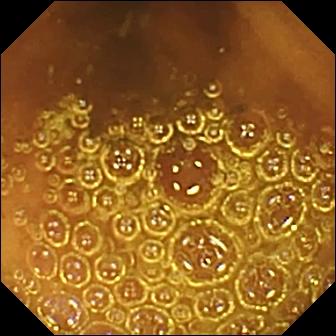{"modality": "WCE", "category": "luminal finding", "finding": "normal clean mucosa"}